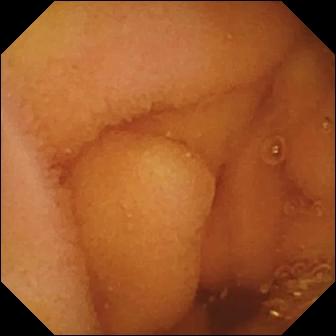WCE. Luminal finding. Label: normal clean mucosa.